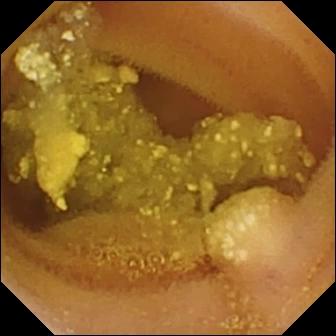Lymphangiectasia — video capsule endoscopy snapshot.